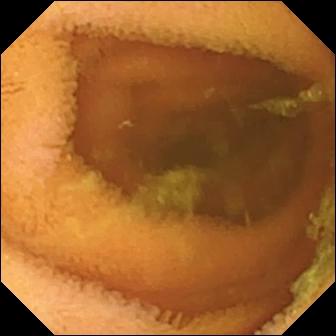Wireless capsule endoscopy view showing normal clean mucosa.